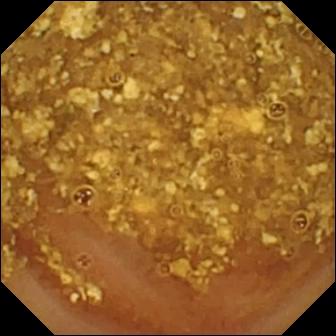VCE — reduced mucosal view (content or bubbles obscuring the mucosa).